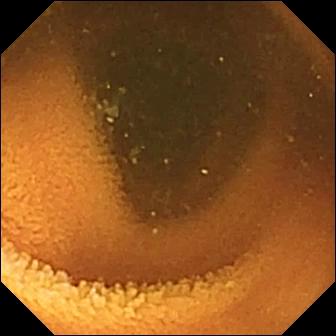Capsule endoscopy image
Label: normal clean mucosa